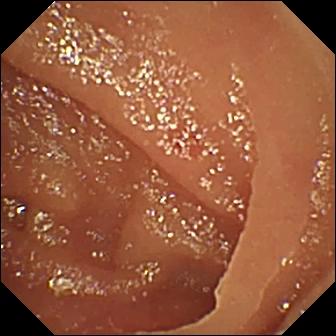PROCEDURE: Small-bowel capsule endoscopy.
FINDINGS: Angiectasia.